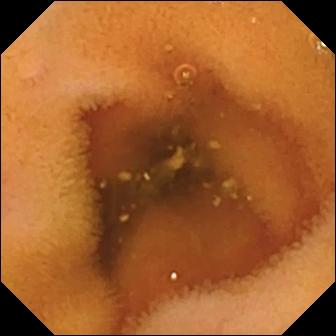PROCEDURE: VCE.
SEGMENT: Small intestine.
FINDINGS: Normal clean mucosa.